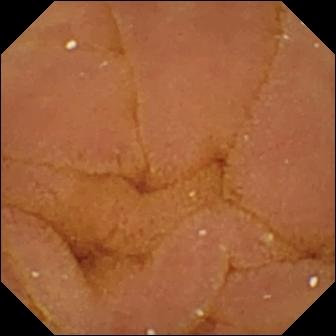Capsule endoscopy snapshot. Normal clean mucosa.